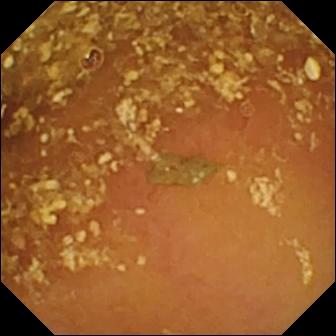Capsule endoscopy still of the small intestine showing reduced mucosal view (content or bubbles obscuring the mucosa).